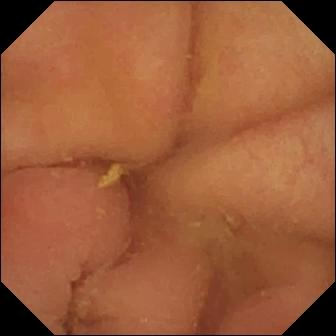PROCEDURE: VCE.
LOCATION: Pylorus region.